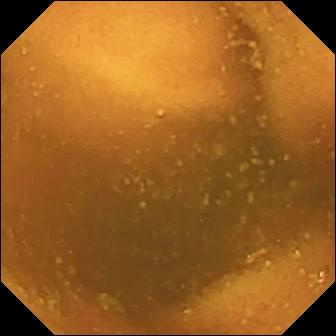Capsule endoscopy — normal clean mucosa.